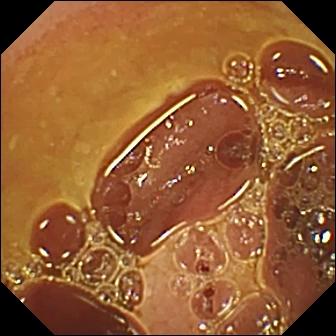Small-bowel capsule endoscopy snapshot. Normal clean mucosa.